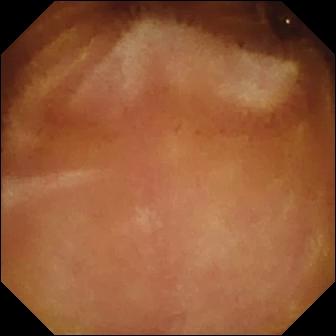Capsule endoscopy snapshot, small intestine
Finding: normal clean mucosa